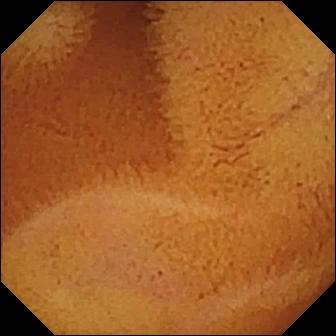Capsule endoscopy snapshot. Normal clean mucosa.